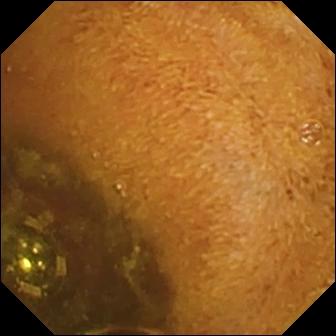Video capsule endoscopy. Impression: foreign body (e.g. retained capsule, tablet residue).